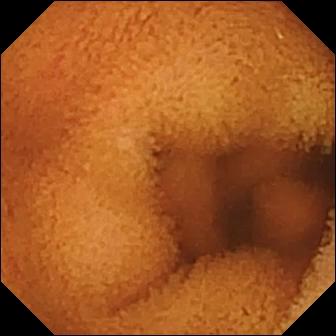Video capsule endoscopy. Small intestine. Luminal finding. Impression: normal clean mucosa.